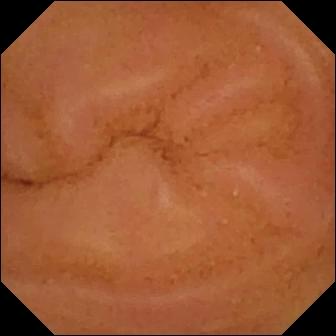VCE still showing normal clean mucosa.